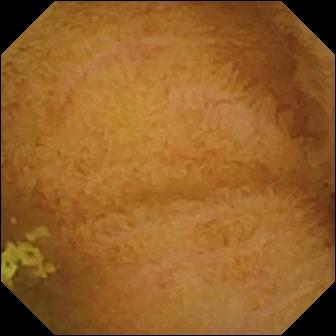Video capsule endoscopy view showing normal clean mucosa.